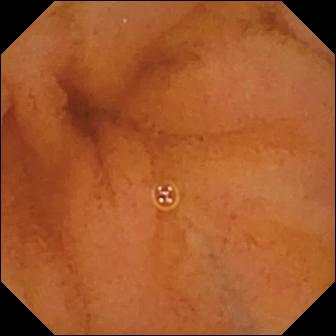{"modality": "wireless capsule endoscopy", "segment": "small bowel", "category": "luminal finding", "finding": "normal clean mucosa"}